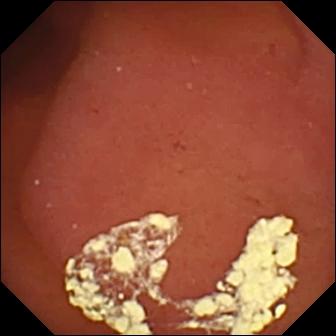VCE. Video segment: pylorus region.